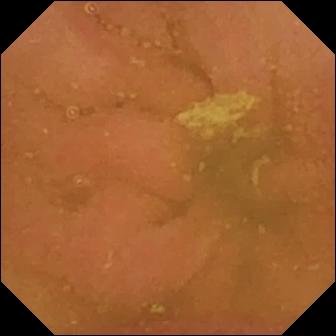VCE — normal clean mucosa.